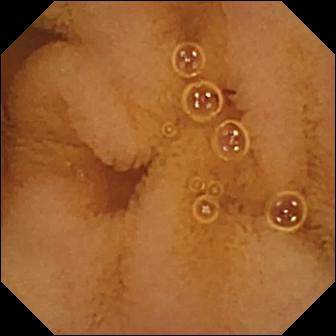Normal clean mucosa — capsule endoscopy image.